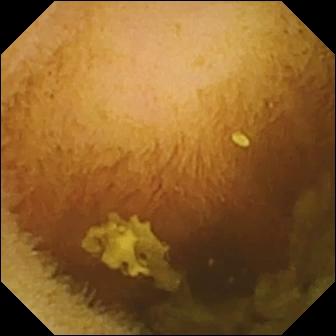VCE snapshot
Label: normal clean mucosa